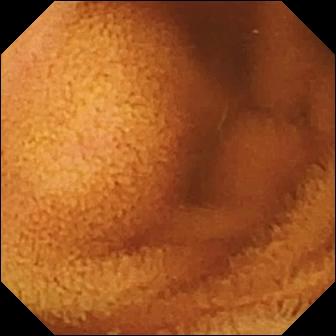VCE still (small intestine). Normal clean mucosa.